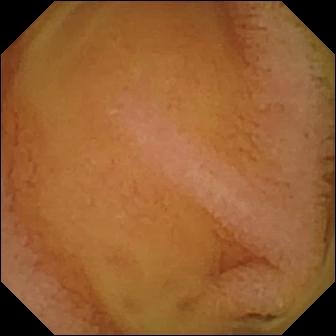modality: video capsule endoscopy | impression: normal clean mucosa